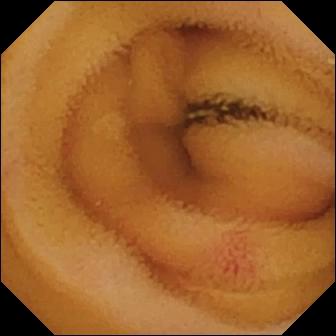{"modality": "video capsule endoscopy", "category": "luminal finding", "finding": "angiectasia"}